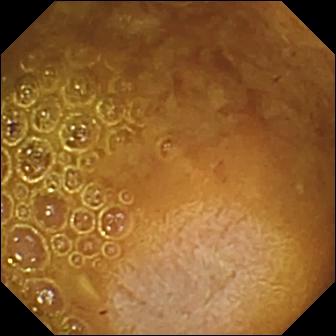PROCEDURE: WCE.
SEGMENT: Small intestine.
FINDINGS: Reduced mucosal view (content or bubbles obscuring the mucosa).